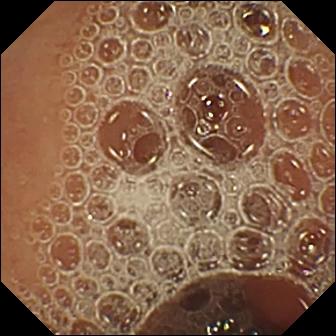modality: capsule endoscopy; impression: normal clean mucosa